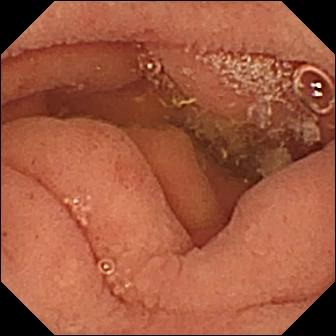PROCEDURE: Small-bowel capsule endoscopy.
VIDEO SEGMENT: Pylorus region (where the capsule passes from the stomach into the small bowel).